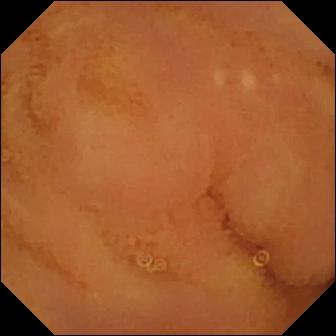{"modality": "wireless capsule endoscopy", "category": "luminal finding", "finding": "normal clean mucosa"}